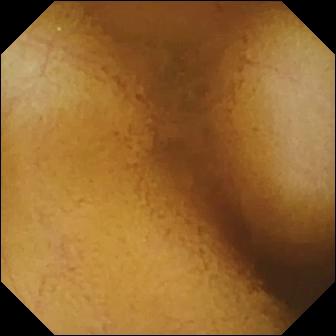Normal clean mucosa.